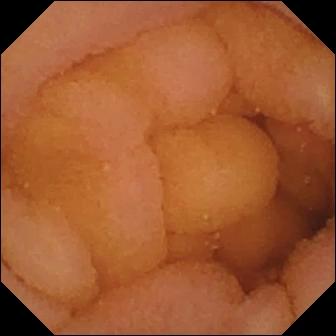This WCE image of the small bowel shows normal clean mucosa.